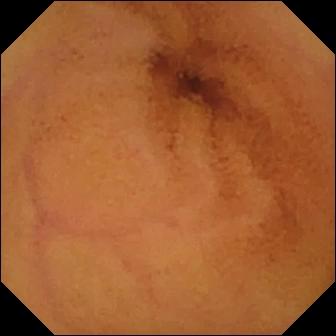VCE image of the small bowel showing normal clean mucosa.